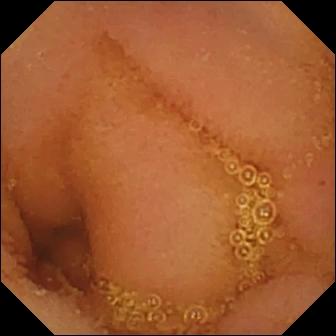Q: What does this WCE snapshot show?
A: Normal clean mucosa.